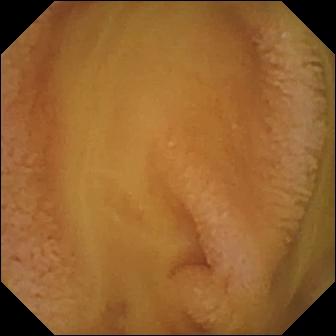- modality: small-bowel capsule endoscopy
- segment: small intestine
- category: luminal finding
- finding: normal clean mucosa